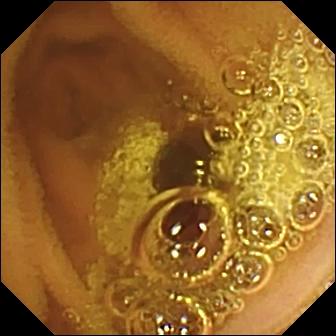Normal clean mucosa — video capsule endoscopy snapshot.